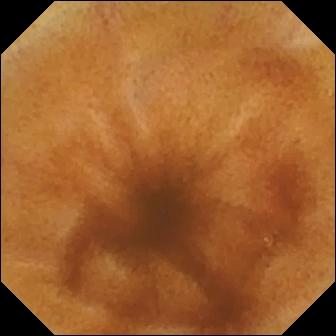Normal clean mucosa.